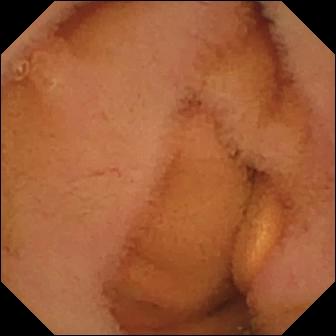Normal clean mucosa.